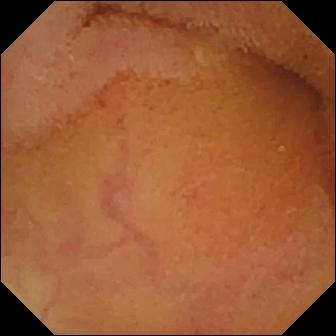Wireless capsule endoscopy frame
Observation: normal clean mucosa